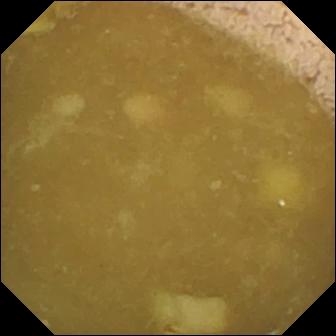Small-bowel capsule endoscopy image. Taken in the ileo-cecal valve region (the transition from the small bowel to the large bowel).